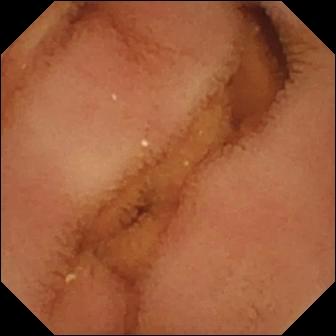Normal clean mucosa — WCE snapshot of the small bowel.